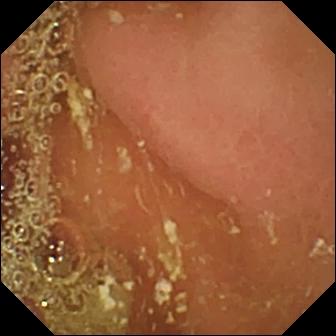Small-bowel capsule endoscopy — pylorus region.